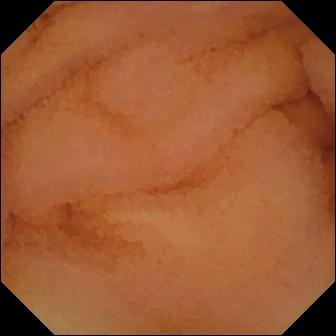VCE view, 336×336. Normal clean mucosa.